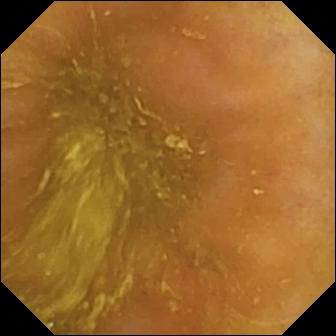Capsule endoscopy — ileo-cecal valve region (where the capsule passes from the small bowel into the large bowel).